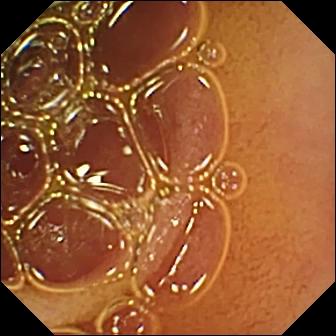Video capsule endoscopy frame, small bowel
Label: normal clean mucosa